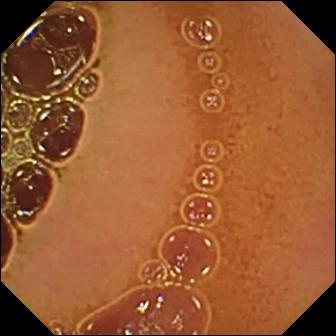Small-bowel capsule endoscopy — normal clean mucosa.